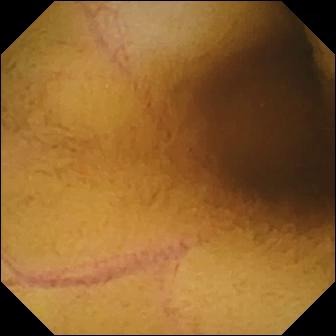Normal clean mucosa.